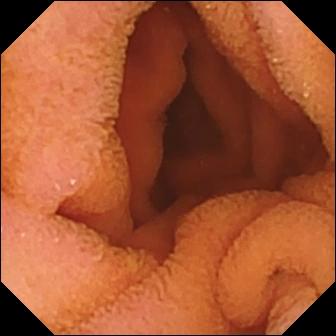Capsule endoscopy — normal clean mucosa.